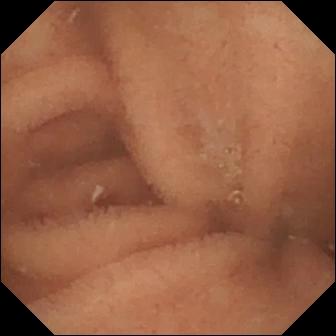- modality: small-bowel capsule endoscopy
- segment: small intestine
- category: luminal finding
- impression: normal clean mucosa